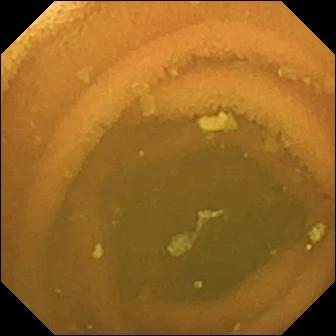Normal clean mucosa — VCE still.